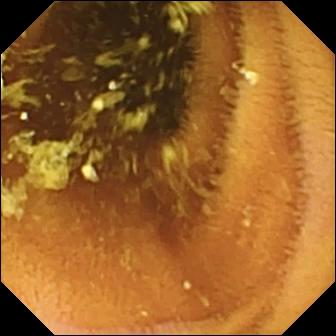Small-bowel capsule endoscopy frame of the small bowel showing normal clean mucosa.